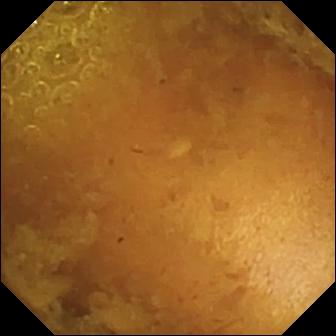Reduced mucosal view (content or bubbles obscuring the mucosa).